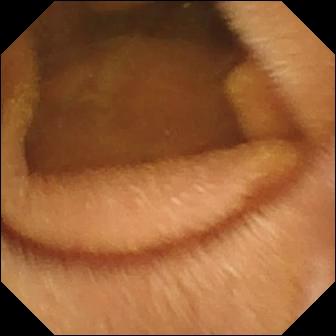Normal clean mucosa — wireless capsule endoscopy view.